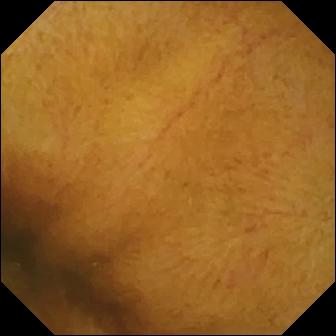Small-bowel capsule endoscopy view, small intestine
Impression: normal clean mucosa